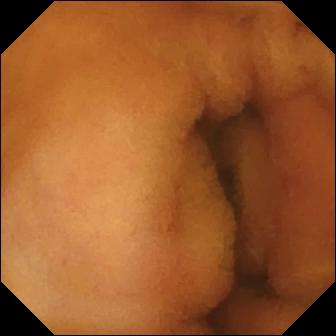Normal clean mucosa — video capsule endoscopy snapshot of the small intestine.